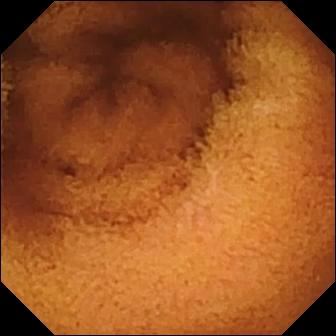PROCEDURE: Capsule endoscopy.
SEGMENT: Small bowel.
FINDINGS: Normal clean mucosa.